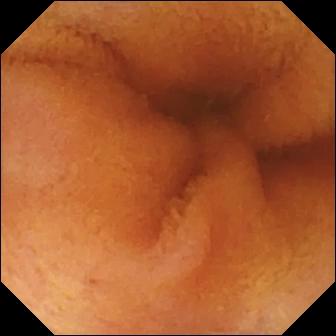Small-bowel capsule endoscopy still showing normal clean mucosa.